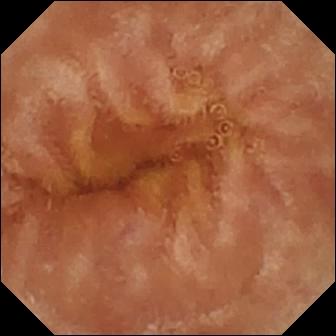modality: wireless capsule endoscopy; finding: normal clean mucosa